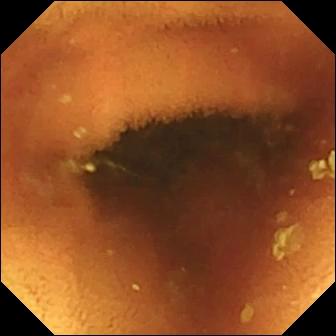Q: What does this capsule endoscopy frame of the small bowel show?
A: Normal clean mucosa.